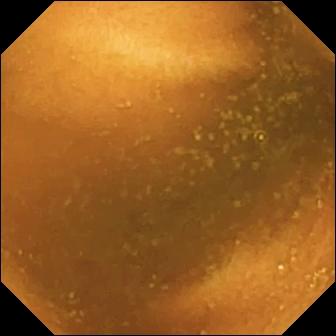Q: What does this VCE frame of the small bowel show?
A: Normal clean mucosa.